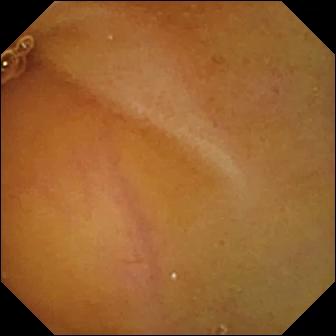Small-bowel capsule endoscopy — normal clean mucosa.